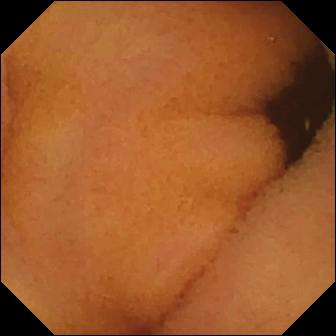PROCEDURE: Capsule endoscopy.
SEGMENT: Small bowel.
FINDINGS: Normal clean mucosa.